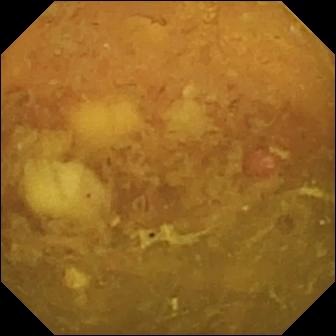Video capsule endoscopy image of the small bowel showing reduced mucosal view (content or bubbles obscuring the mucosa).